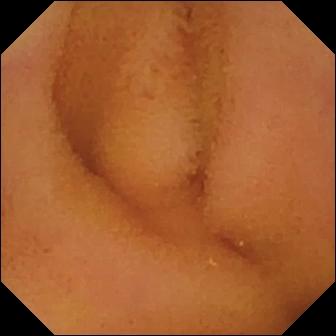WCE. Luminal finding. Label: normal clean mucosa.